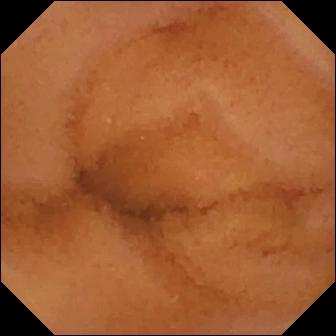Q: What does this WCE snapshot show?
A: Normal clean mucosa.